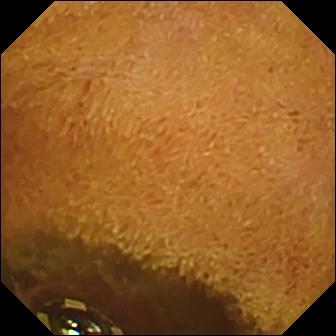PROCEDURE: Capsule endoscopy.
FINDINGS: Foreign body (e.g. retained capsule, tablet residue).